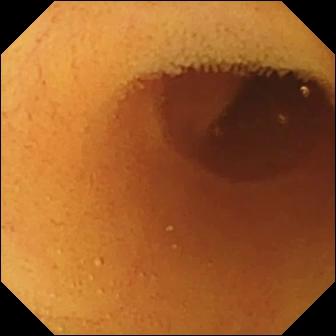Normal clean mucosa — wireless capsule endoscopy image.